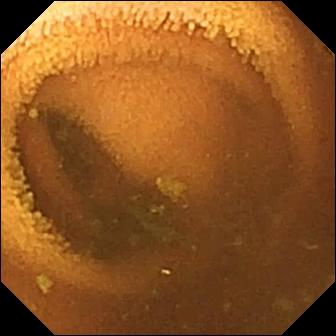{"modality": "small-bowel capsule endoscopy", "segment": "small bowel", "finding": "normal clean mucosa"}